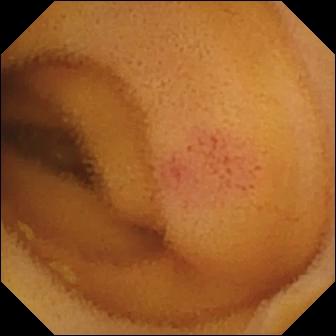Small-bowel capsule endoscopy image. Angiectasia.